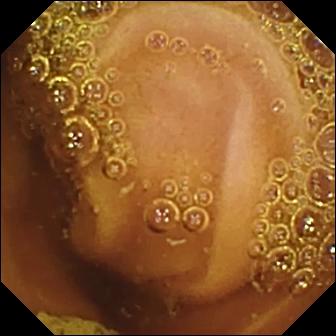WCE view
Impression: normal clean mucosa